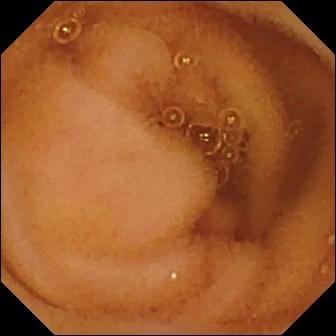This WCE snapshot shows normal clean mucosa.